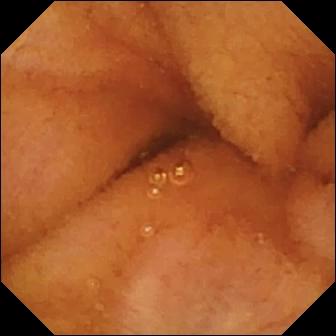This small-bowel capsule endoscopy frame shows normal clean mucosa.